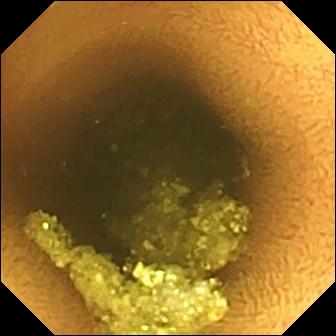Wireless capsule endoscopy still showing normal clean mucosa.